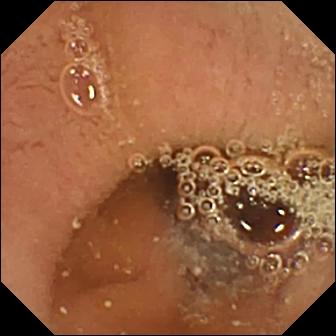Q: Where in the digestive tract was this small-bowel capsule endoscopy frame taken?
A: Pylorus region.